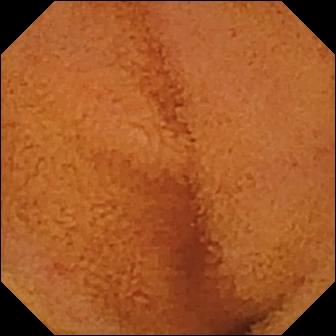modality: video capsule endoscopy
observation: normal clean mucosa